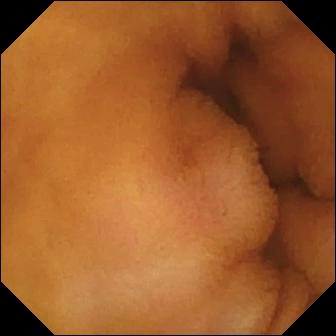- modality: video capsule endoscopy
- label: normal clean mucosa